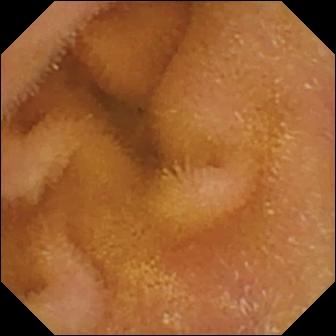modality: small-bowel capsule endoscopy | finding: normal clean mucosa